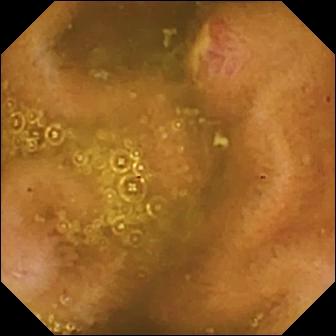Ulcer.